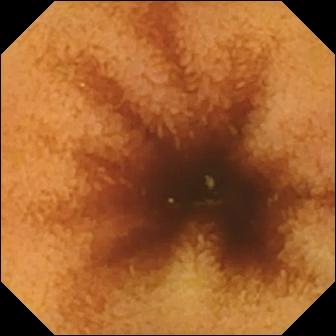Normal clean mucosa — capsule endoscopy snapshot of the small intestine.